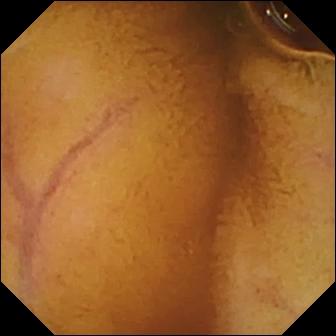Video capsule endoscopy still, small intestine
Impression: normal clean mucosa